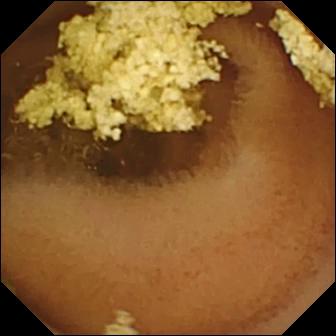PROCEDURE: VCE.
FINDINGS: Normal clean mucosa.